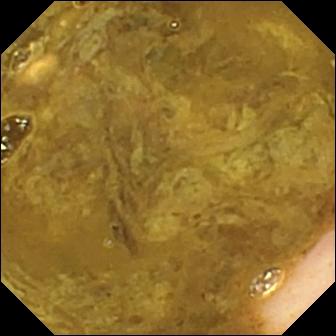Wireless capsule endoscopy — ileo-cecal valve region.